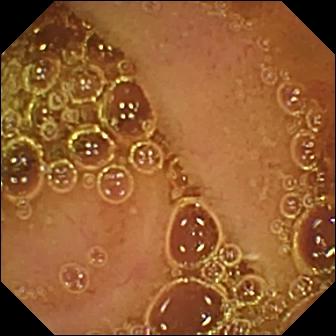WCE still
Label: normal clean mucosa